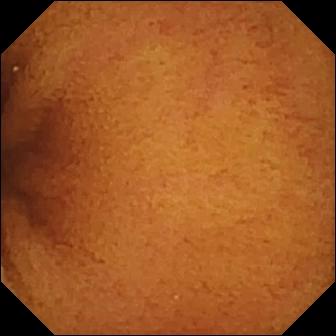Normal clean mucosa (336×336).